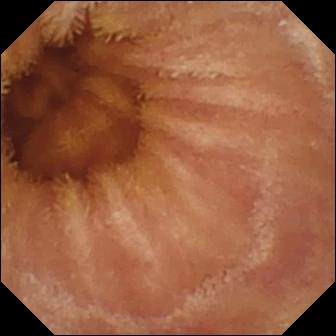VCE image (small intestine). Normal clean mucosa.